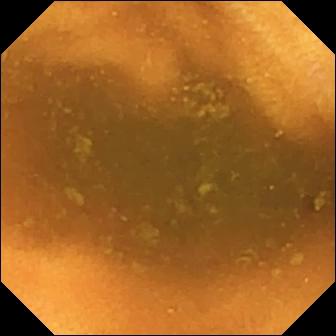PROCEDURE: Small-bowel capsule endoscopy.
FINDINGS: Normal clean mucosa.